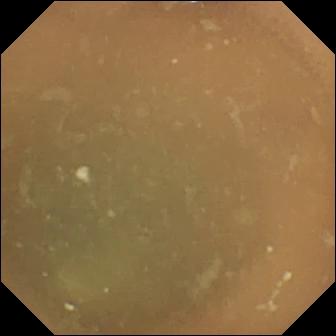Wireless capsule endoscopy view. Normal clean mucosa.